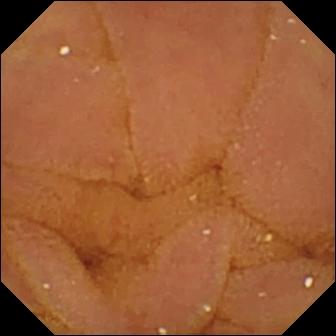modality: small-bowel capsule endoscopy | label: normal clean mucosa